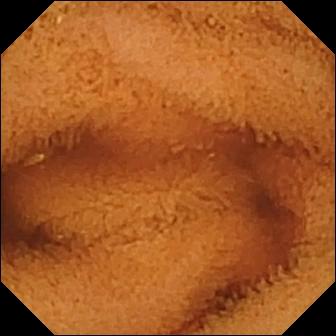This VCE still of the small bowel shows normal clean mucosa.